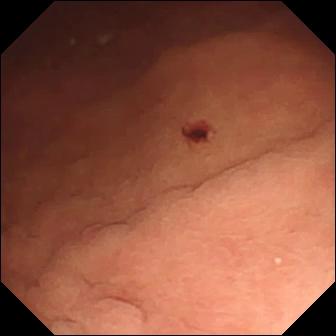WCE image
Finding: angiectasia